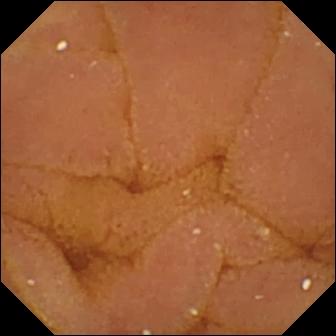Capsule endoscopy image of the small bowel showing normal clean mucosa.